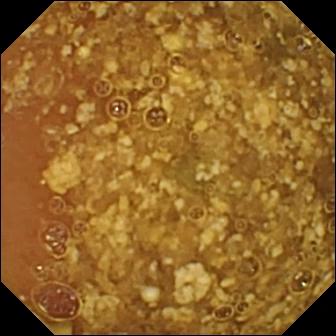Reduced mucosal view (content or bubbles obscuring the mucosa) — small-bowel capsule endoscopy still of the small bowel.